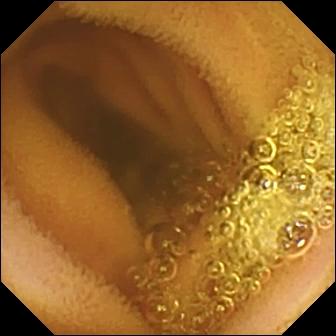- modality: WCE
- segment: small intestine
- category: luminal finding
- impression: normal clean mucosa